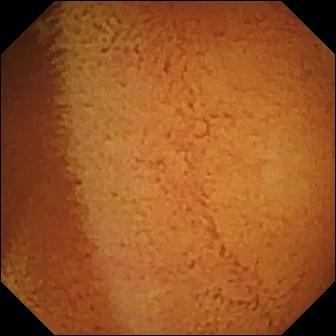{"modality": "small-bowel capsule endoscopy", "segment": "small intestine", "finding": "normal clean mucosa"}